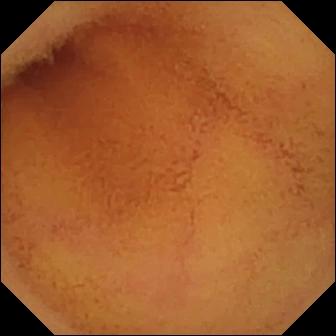Normal clean mucosa.